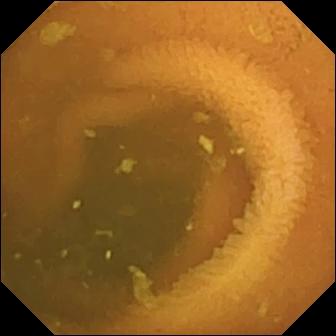Normal clean mucosa — small-bowel capsule endoscopy frame.